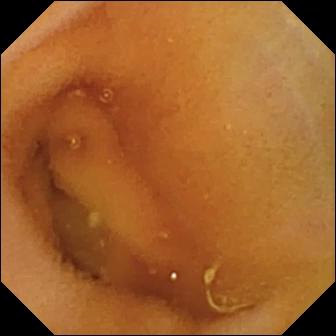Small-bowel capsule endoscopy snapshot, small intestine
Finding: normal clean mucosa